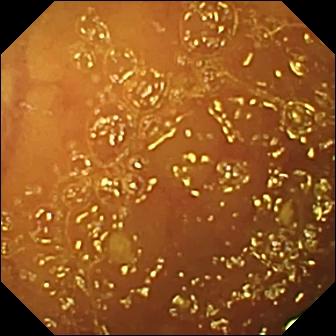VCE image of the small bowel showing normal clean mucosa.